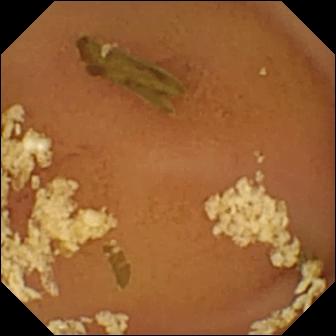Q: What does this small-bowel capsule endoscopy frame show?
A: Normal clean mucosa.